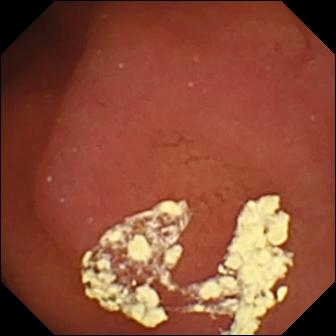Capsule endoscopy still taken in the pylorus region.